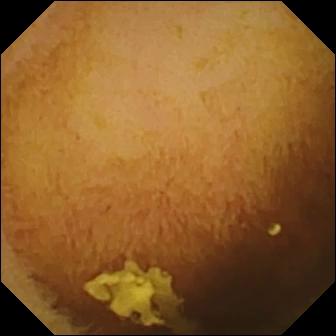Small-bowel capsule endoscopy — normal clean mucosa.